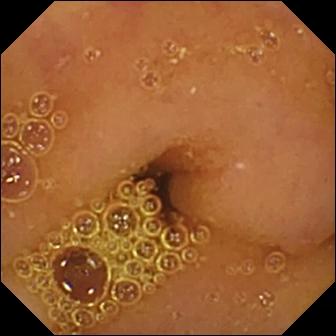Q: What does this small-bowel capsule endoscopy snapshot show?
A: Normal clean mucosa.